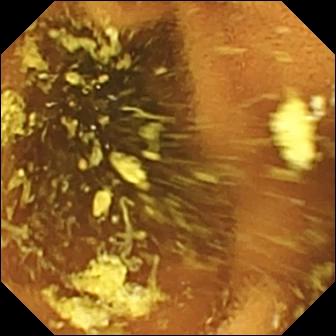Q: What does this capsule endoscopy snapshot show?
A: Normal clean mucosa.